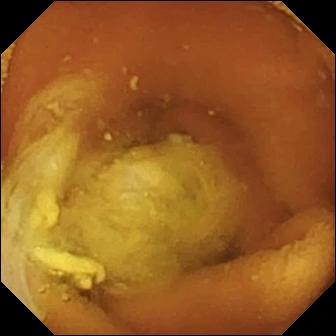Normal clean mucosa — video capsule endoscopy frame.